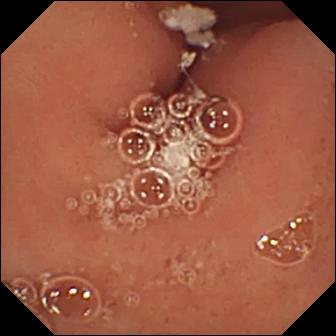PROCEDURE: Video capsule endoscopy.
POSITION: Pylorus region (where the capsule passes from the stomach into the small bowel).